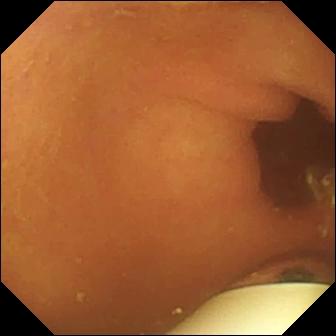{"modality": "video capsule endoscopy", "finding": "foreign body (e.g. retained capsule, tablet residue)"}